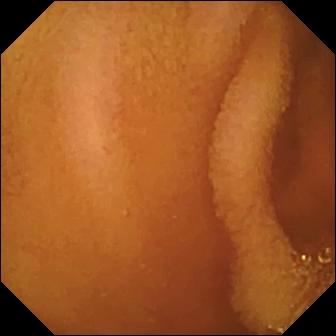Small-bowel capsule endoscopy — normal clean mucosa.